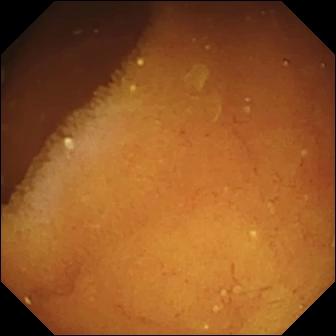modality: small-bowel capsule endoscopy; position: pylorus region (where the capsule passes from the stomach into the small bowel)